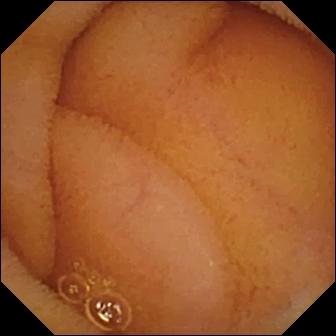Normal clean mucosa.